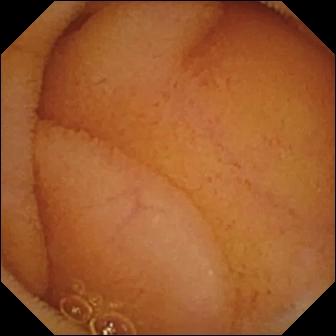Normal clean mucosa — WCE frame of the small bowel.